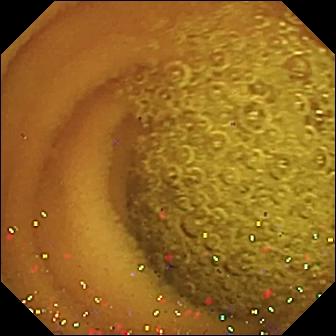WCE — normal clean mucosa.